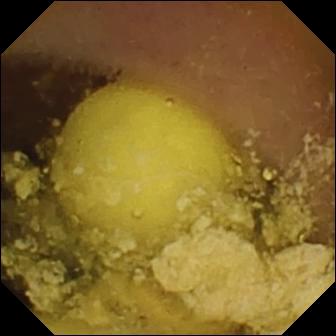Q: What does this video capsule endoscopy image show?
A: Foreign body (e.g. retained capsule, tablet residue).